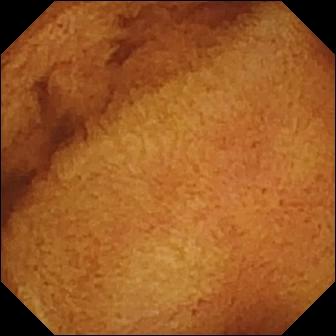Normal clean mucosa.